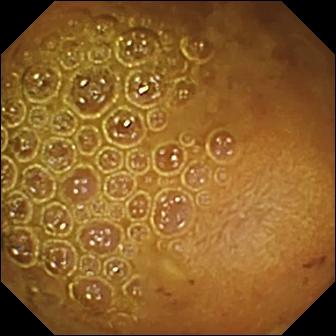modality: small-bowel capsule endoscopy; segment: small bowel; observation: reduced mucosal view (content or bubbles obscuring the mucosa)